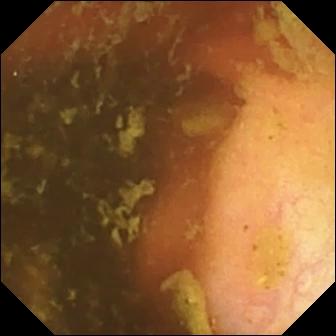Video capsule endoscopy snapshot
Location: ileo-cecal valve region